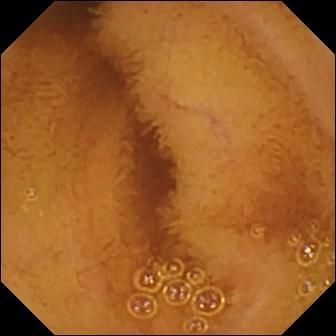Video capsule endoscopy. Small bowel. Label: normal clean mucosa.